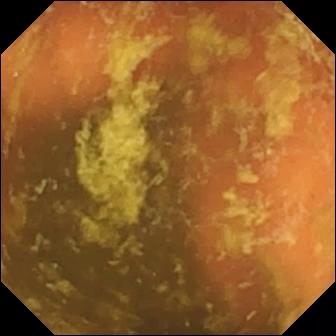Small-bowel capsule endoscopy image taken in the ileo-cecal valve region.